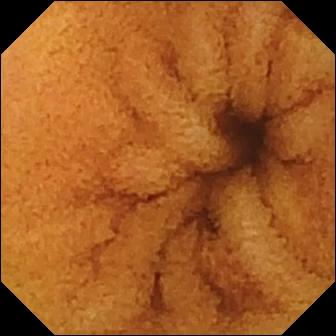{"modality": "wireless capsule endoscopy", "finding": "normal clean mucosa"}